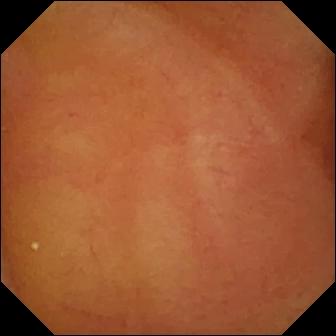{"modality": "capsule endoscopy", "segment": "small intestine", "finding": "normal clean mucosa"}